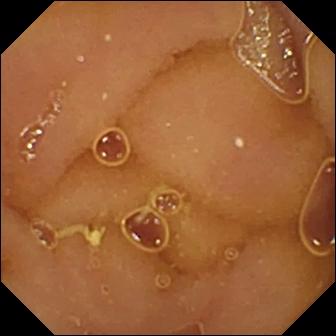Normal clean mucosa.